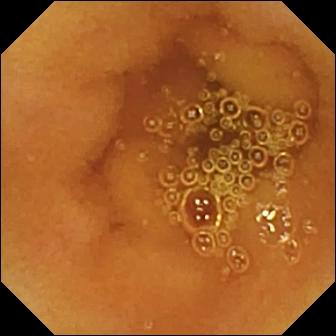Q: What does this wireless capsule endoscopy view of the small bowel show?
A: Normal clean mucosa.